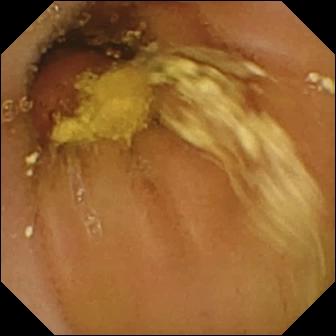VCE frame showing foreign body (e.g. retained capsule, tablet residue).